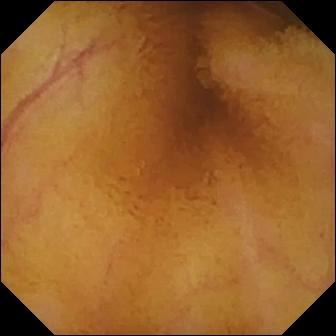Q: What does this small-bowel capsule endoscopy still of the small bowel show?
A: Normal clean mucosa.